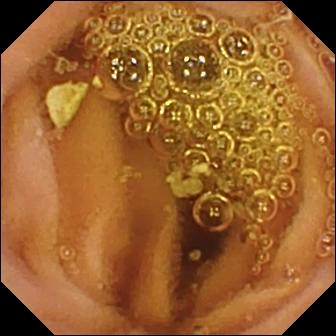modality: small-bowel capsule endoscopy; label: normal clean mucosa